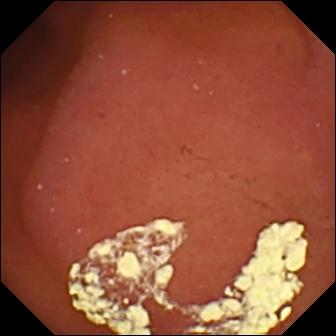Video capsule endoscopy snapshot
Video segment: pylorus region (where the capsule passes from the stomach into the small bowel)